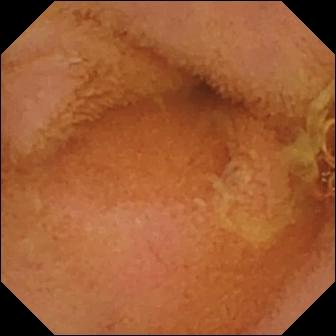Small-bowel capsule endoscopy still
Impression: normal clean mucosa